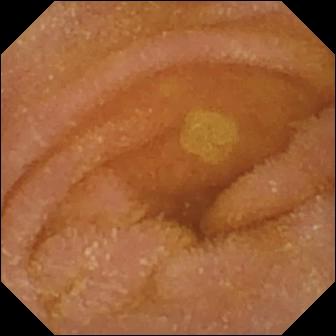Normal clean mucosa.